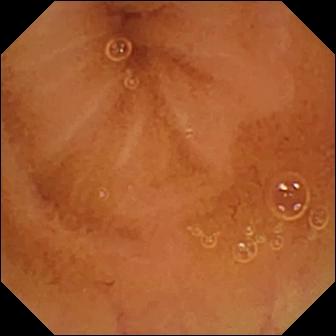VCE. Small intestine. Observation: normal clean mucosa.